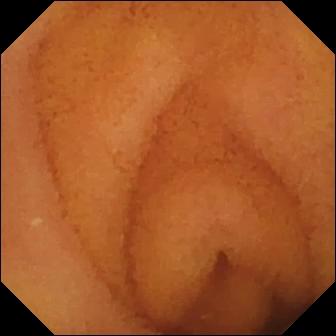VCE image
Impression: normal clean mucosa